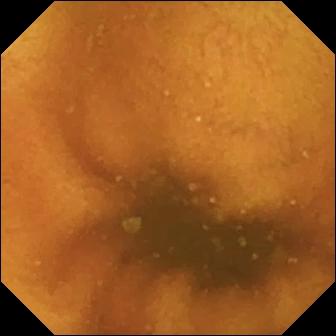{"modality": "VCE", "finding": "normal clean mucosa"}